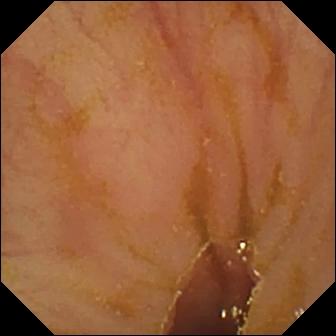This wireless capsule endoscopy still was taken in the ileo-cecal valve region (where the capsule passes from the small bowel into the large bowel).